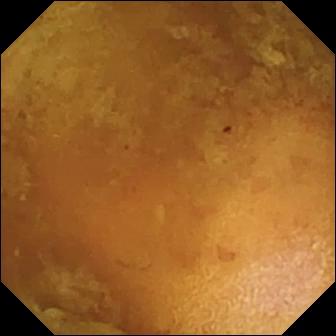PROCEDURE: Video capsule endoscopy.
SEGMENT: Small bowel.
FINDINGS: Reduced mucosal view (content or bubbles obscuring the mucosa).